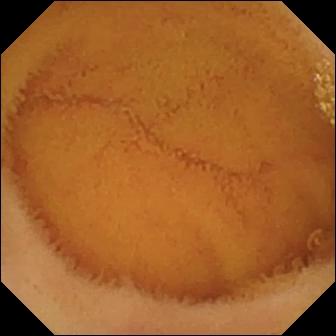modality: small-bowel capsule endoscopy
segment: small intestine
label: normal clean mucosa